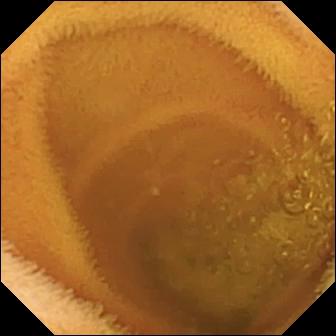Capsule endoscopy view
Label: normal clean mucosa